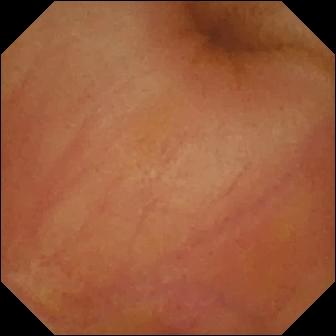Erythema (mucosal redness) — video capsule endoscopy snapshot.